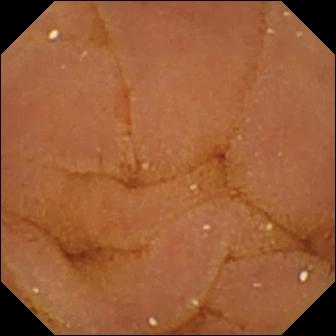modality: capsule endoscopy; segment: small intestine; category: luminal finding; impression: normal clean mucosa